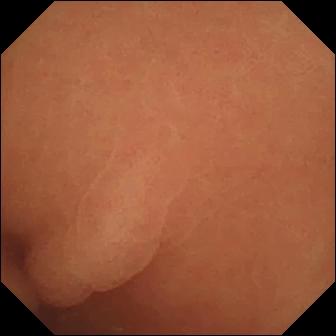Normal clean mucosa.